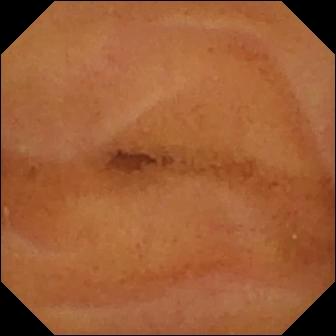Small-bowel capsule endoscopy view showing normal clean mucosa.